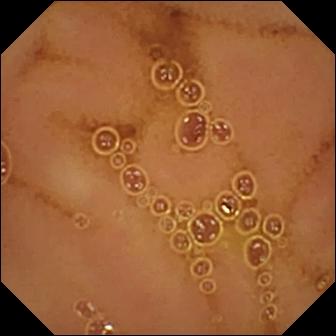- modality: small-bowel capsule endoscopy
- category: luminal finding
- label: normal clean mucosa